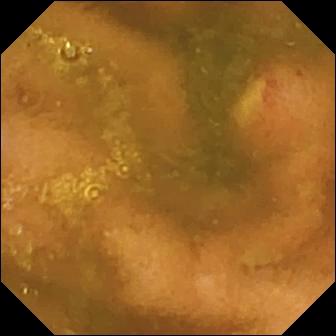{"modality": "video capsule endoscopy", "finding": "ulcer"}